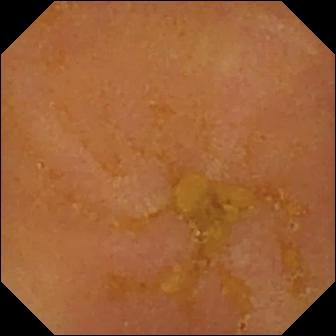Reduced mucosal view (content or bubbles obscuring the mucosa).